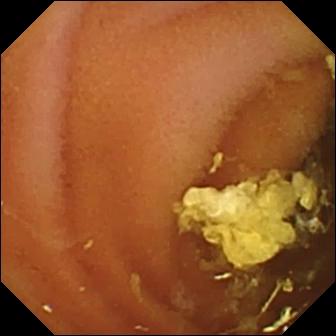Normal clean mucosa (336×336).